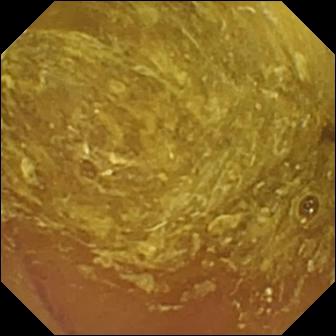This capsule endoscopy snapshot of the small intestine shows reduced mucosal view (content or bubbles obscuring the mucosa).